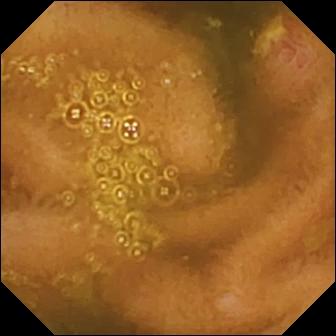PROCEDURE: Video capsule endoscopy.
FINDINGS: Ulcer.